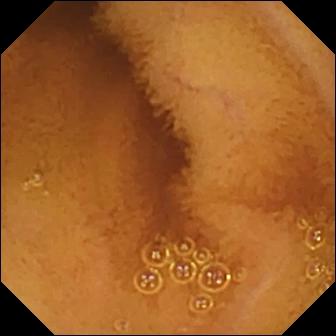VCE — normal clean mucosa.